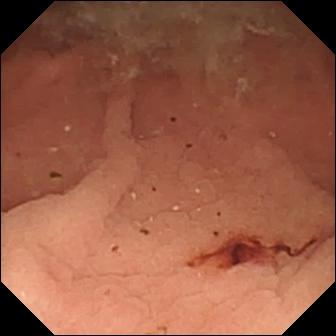{"modality": "capsule endoscopy", "category": "luminal finding", "finding": "fresh blood in the lumen"}